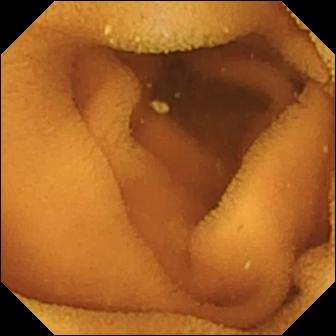Small-bowel capsule endoscopy — normal clean mucosa.